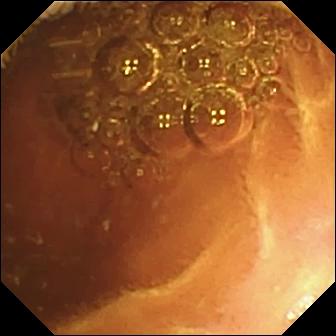Normal clean mucosa — video capsule endoscopy frame.